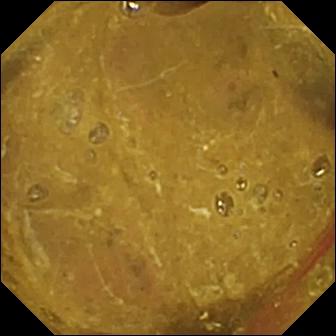Ileo-cecal valve region, 336×336.